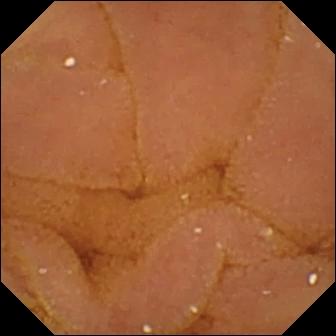Normal clean mucosa (336×336).